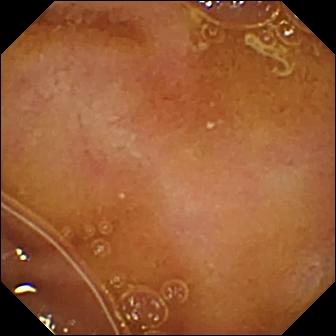VCE. Impression: normal clean mucosa.